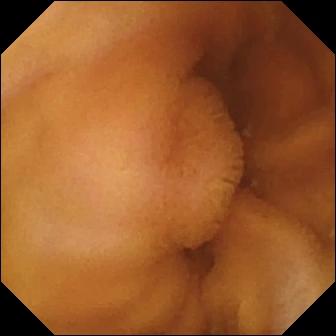Small-bowel capsule endoscopy still (small bowel). Normal clean mucosa.